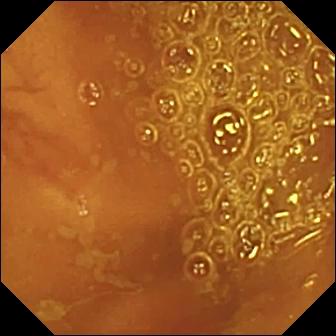Wireless capsule endoscopy snapshot taken in the ileo-cecal valve region.